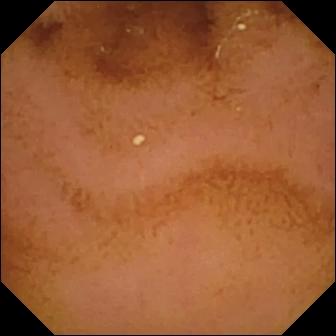VCE image of the small bowel showing normal clean mucosa.